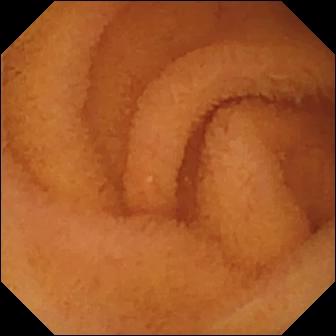Small-bowel capsule endoscopy frame
Observation: normal clean mucosa